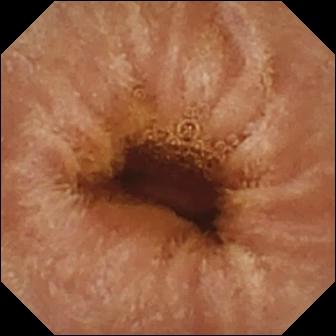{"modality": "WCE", "finding": "normal clean mucosa"}